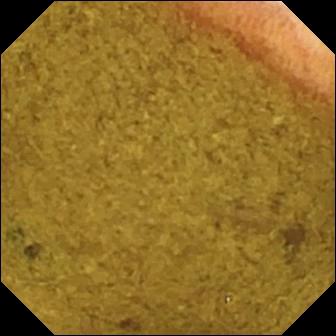PROCEDURE: Small-bowel capsule endoscopy.
POSITION: Ileo-cecal valve region.